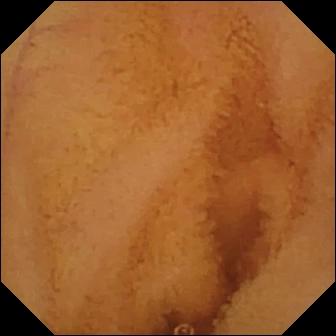modality: video capsule endoscopy; segment: small intestine; observation: normal clean mucosa